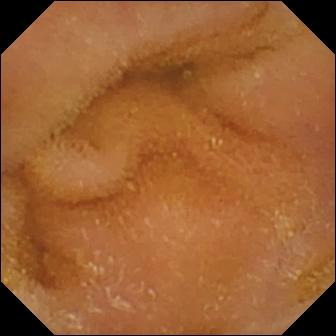{"modality": "capsule endoscopy", "segment": "small intestine", "category": "luminal finding", "finding": "normal clean mucosa"}